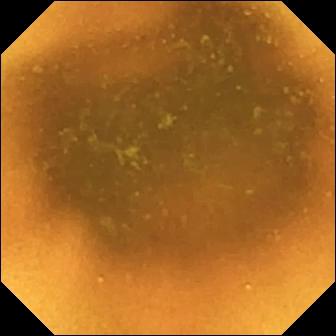Small-bowel capsule endoscopy view, small intestine
Impression: normal clean mucosa